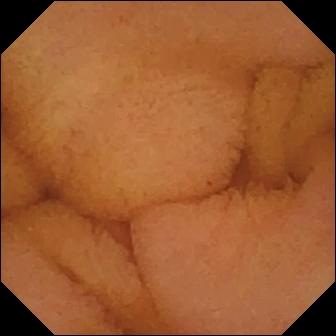WCE view, small intestine
Label: normal clean mucosa